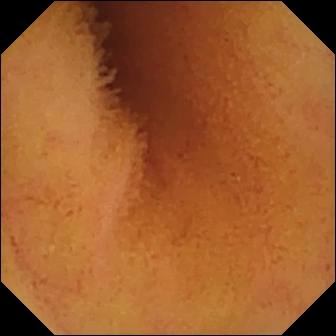Normal clean mucosa.